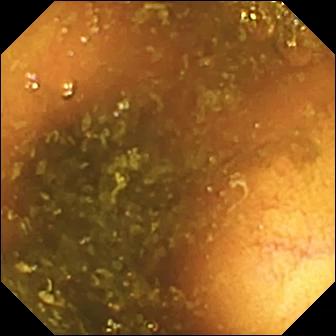Ileo-cecal valve region — capsule endoscopy still.